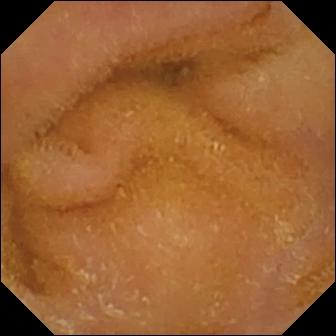PROCEDURE: Wireless capsule endoscopy.
SEGMENT: Small intestine.
FINDINGS: Normal clean mucosa.